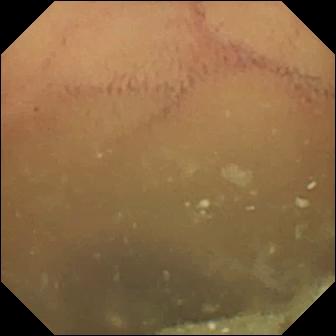Normal clean mucosa.